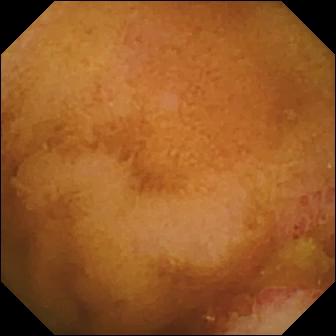Erosion — wireless capsule endoscopy image.